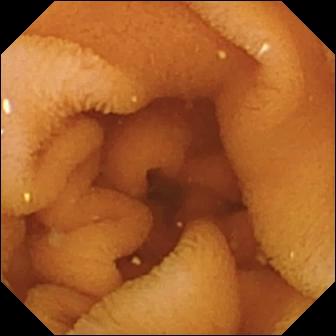PROCEDURE: Capsule endoscopy.
SEGMENT: Small bowel.
FINDINGS: Normal clean mucosa.